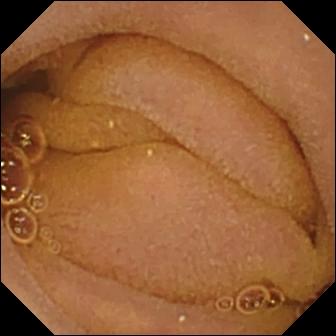Q: What does this capsule endoscopy still of the small intestine show?
A: Normal clean mucosa.